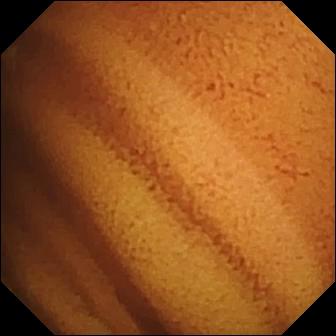{"modality": "video capsule endoscopy", "finding": "normal clean mucosa"}